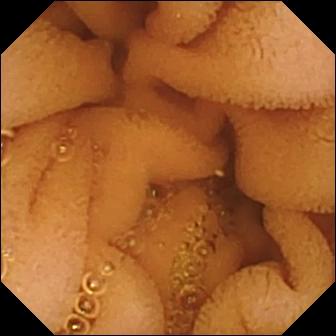Capsule endoscopy. Small intestine. Luminal finding. Observation: normal clean mucosa.